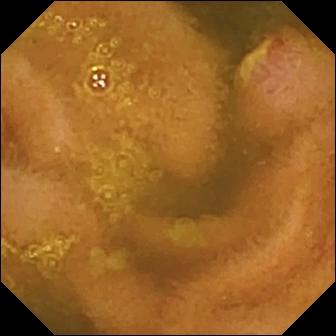{"modality": "WCE", "category": "luminal finding", "finding": "ulcer"}